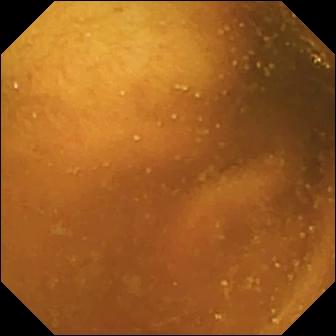Normal clean mucosa — VCE snapshot of the small intestine.